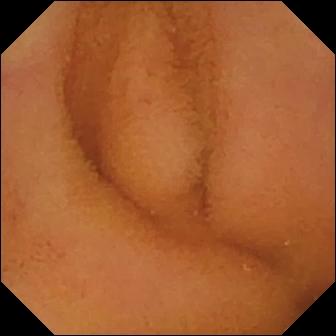VCE frame (small intestine), 336×336. Normal clean mucosa.